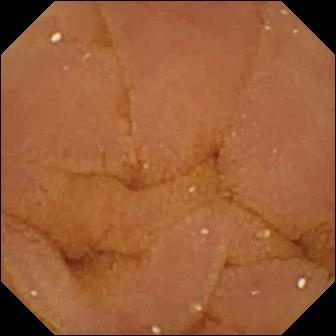PROCEDURE: Wireless capsule endoscopy.
SEGMENT: Small bowel.
FINDINGS: Normal clean mucosa.